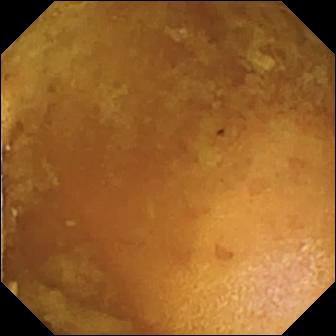This capsule endoscopy snapshot shows reduced mucosal view (content or bubbles obscuring the mucosa).